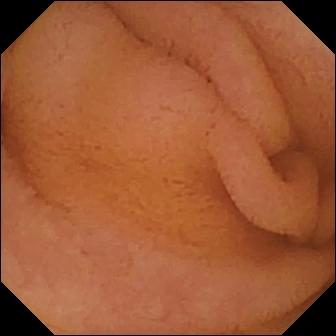Wireless capsule endoscopy. Finding: normal clean mucosa.